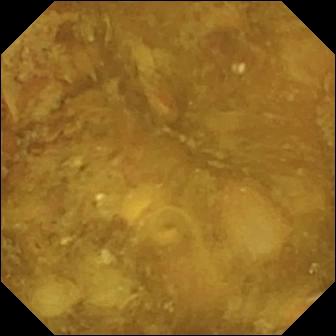modality: WCE; impression: reduced mucosal view (content or bubbles obscuring the mucosa)